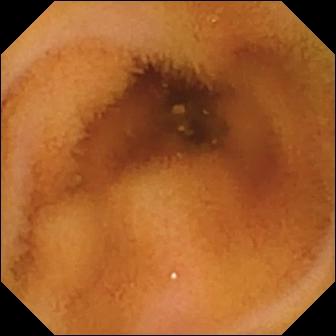Capsule endoscopy — normal clean mucosa.